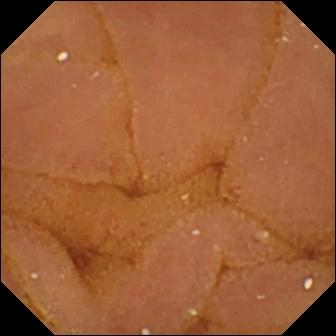Q: What does this capsule endoscopy still show?
A: Normal clean mucosa.